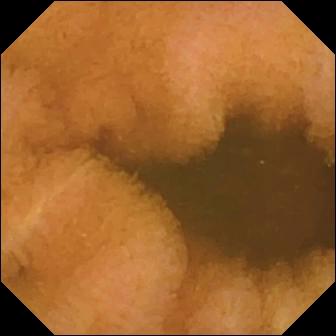Normal clean mucosa — capsule endoscopy image.